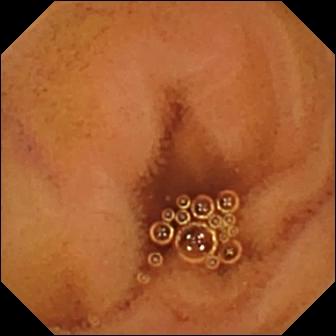Video capsule endoscopy view
Impression: normal clean mucosa